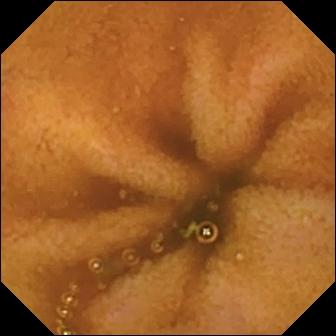Normal clean mucosa — wireless capsule endoscopy image.